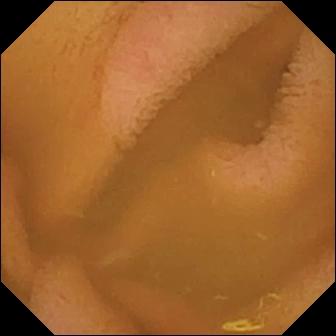Capsule endoscopy frame of the small intestine showing normal clean mucosa.